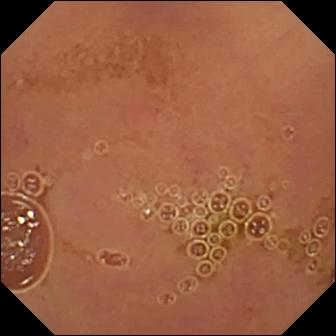Small-bowel capsule endoscopy image (small intestine). Normal clean mucosa.